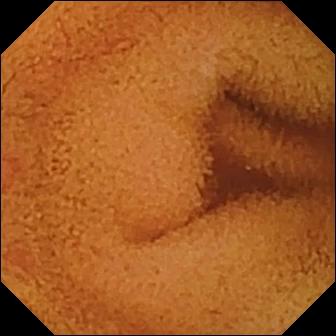This WCE snapshot of the small intestine shows normal clean mucosa.